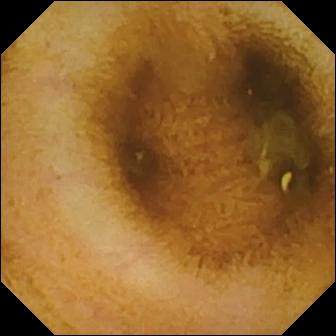VCE snapshot
Observation: normal clean mucosa